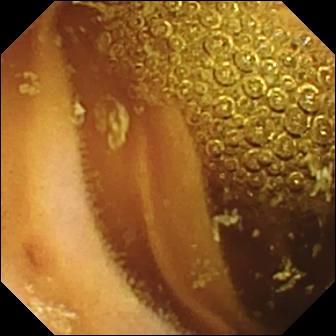Normal clean mucosa (336×336).